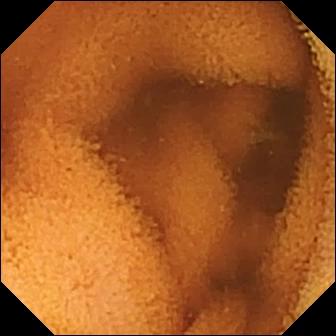PROCEDURE: Video capsule endoscopy.
SEGMENT: Small bowel.
FINDINGS: Normal clean mucosa.